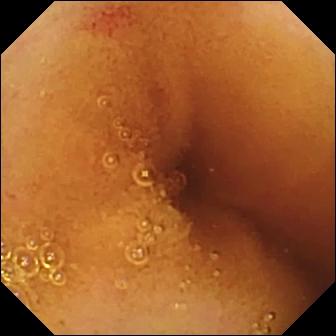{"modality": "small-bowel capsule endoscopy", "category": "luminal finding", "finding": "angiectasia"}